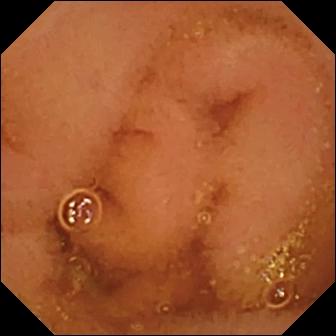- modality: capsule endoscopy
- segment: small intestine
- category: luminal finding
- label: normal clean mucosa